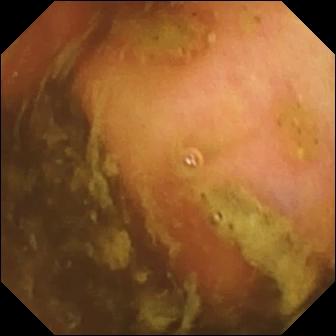Wireless capsule endoscopy — ileo-cecal valve region.